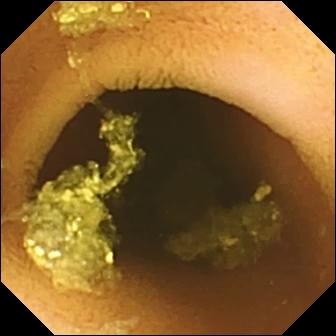WCE image (small bowel). Normal clean mucosa.